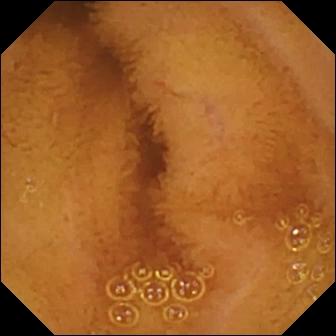{"modality": "VCE", "segment": "small bowel", "finding": "normal clean mucosa"}